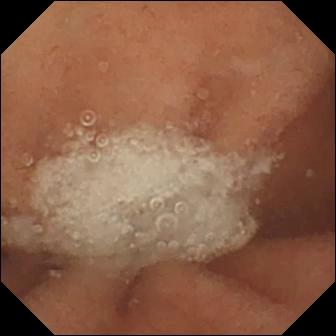VCE snapshot of the small intestine showing normal clean mucosa.